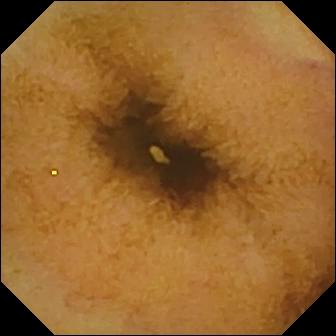Video capsule endoscopy view
Observation: normal clean mucosa